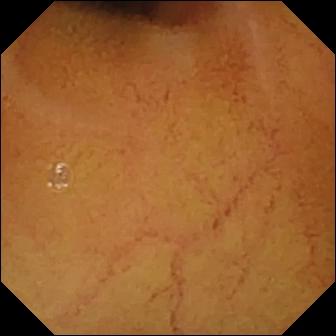Normal clean mucosa.